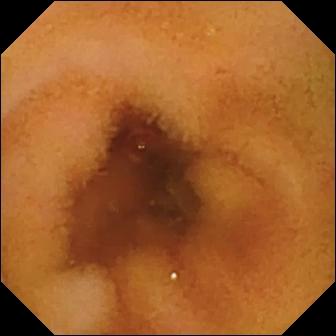{"modality": "WCE", "segment": "small intestine", "finding": "normal clean mucosa"}